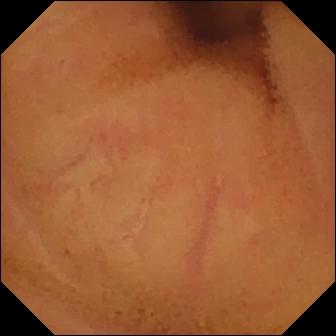WCE frame showing normal clean mucosa.